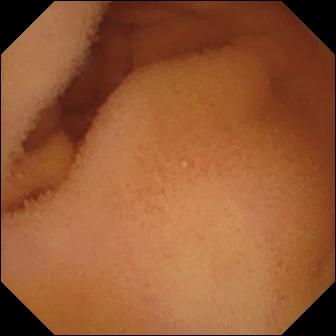Wireless capsule endoscopy. Luminal finding. Label: normal clean mucosa.